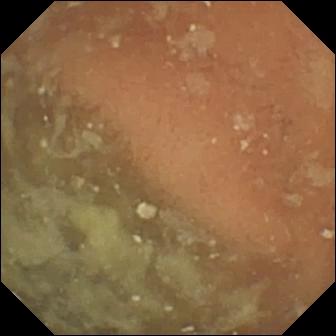Normal clean mucosa — video capsule endoscopy view of the small bowel.